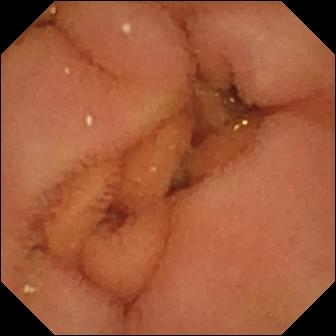- modality: small-bowel capsule endoscopy
- segment: small intestine
- observation: normal clean mucosa